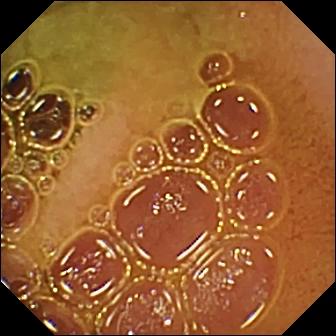VCE view. Normal clean mucosa.